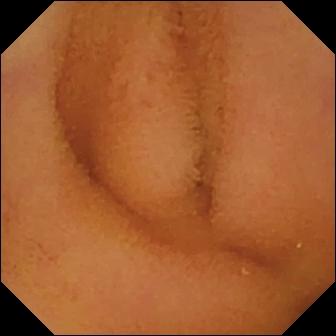Q: What does this WCE view of the small bowel show?
A: Normal clean mucosa.